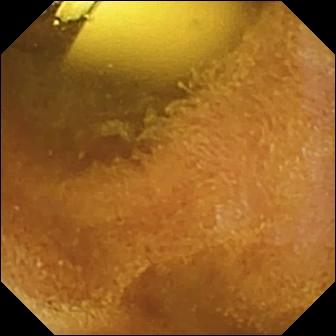This small-bowel capsule endoscopy view shows foreign body (e.g. retained capsule, tablet residue).